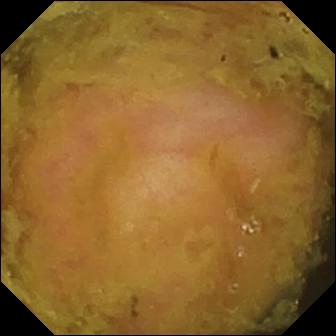Ileo-cecal valve region (the transition from the small bowel to the large bowel).